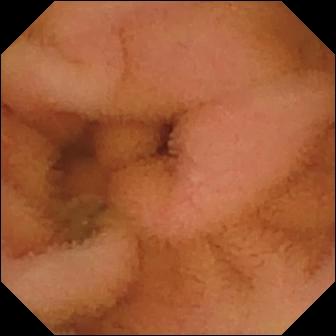Capsule endoscopy still (small bowel). Normal clean mucosa.